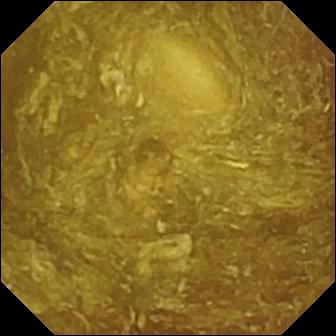This capsule endoscopy view shows reduced mucosal view (content or bubbles obscuring the mucosa).